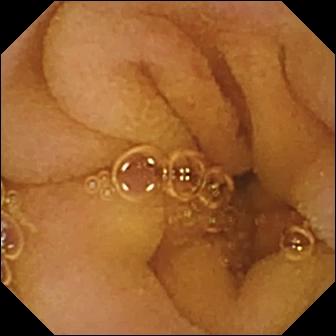Video capsule endoscopy image showing normal clean mucosa.